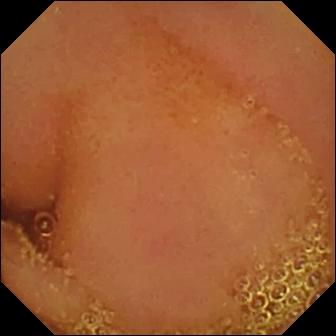{"modality": "VCE", "finding": "normal clean mucosa"}